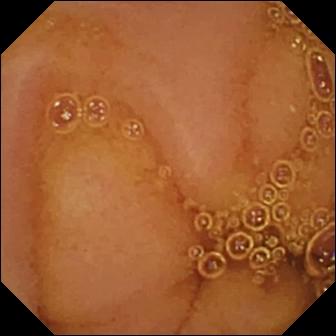Q: What does this WCE frame show?
A: Normal clean mucosa.